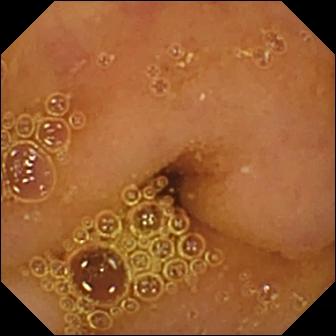PROCEDURE: WCE.
FINDINGS: Normal clean mucosa.